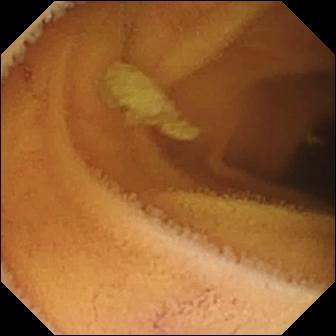This small-bowel capsule endoscopy view of the small intestine shows normal clean mucosa.